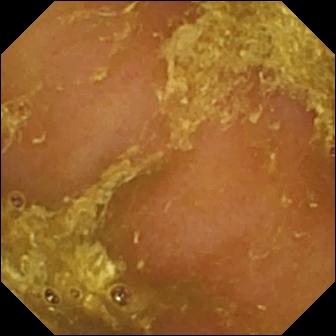This VCE view shows reduced mucosal view (content or bubbles obscuring the mucosa).